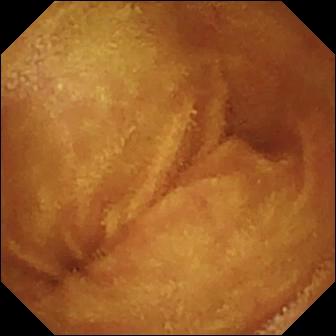This WCE frame shows normal clean mucosa.